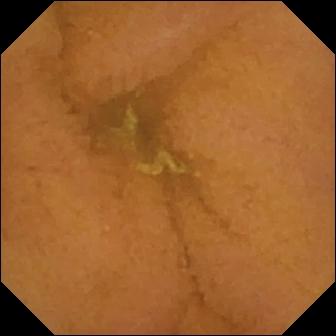PROCEDURE: VCE.
SEGMENT: Small bowel.
FINDINGS: Normal clean mucosa.